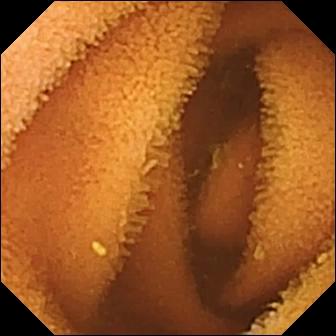Wireless capsule endoscopy snapshot (small intestine). Normal clean mucosa.